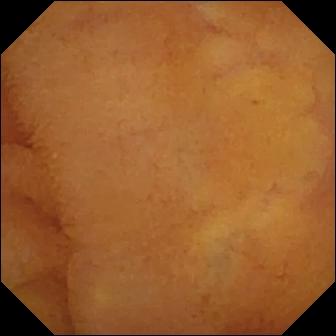Normal clean mucosa.